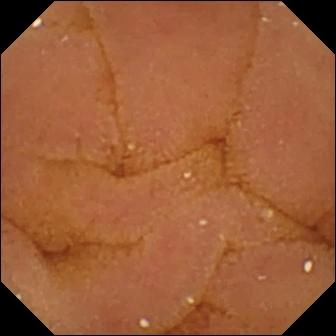Normal clean mucosa.